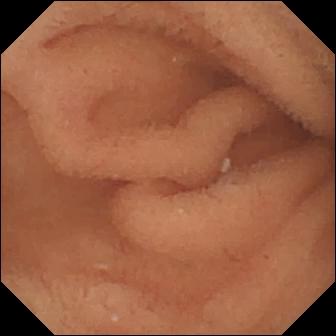WCE. Observation: normal clean mucosa.